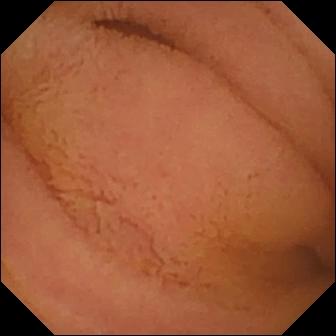Small-bowel capsule endoscopy view showing normal clean mucosa.